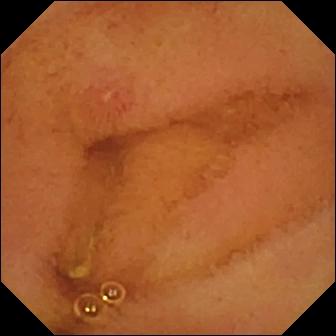PROCEDURE: Wireless capsule endoscopy.
FINDINGS: Erosion.